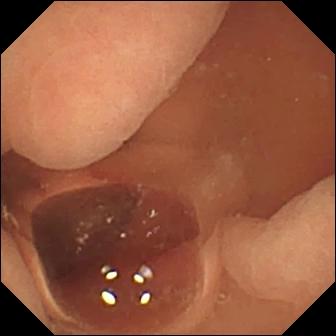This small-bowel capsule endoscopy image shows normal clean mucosa.